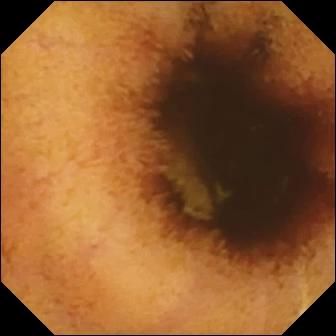Video capsule endoscopy snapshot
Finding: normal clean mucosa